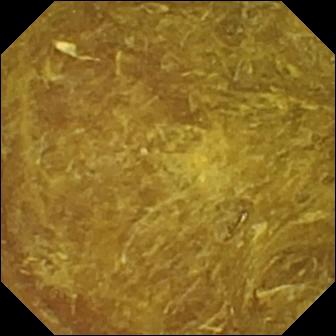- modality: video capsule endoscopy
- observation: reduced mucosal view (content or bubbles obscuring the mucosa)